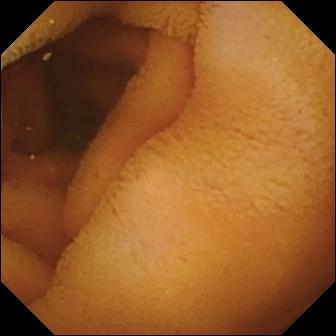- modality: small-bowel capsule endoscopy
- category: luminal finding
- observation: normal clean mucosa